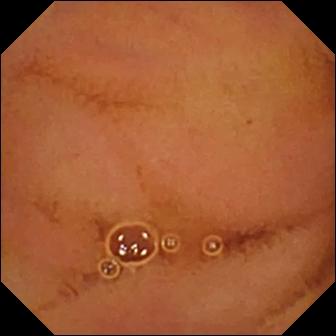WCE image (small bowel). Normal clean mucosa.